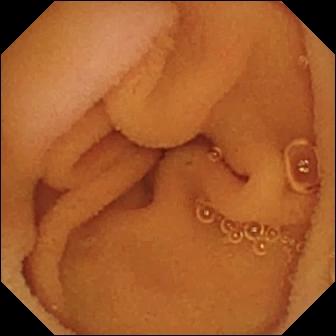WCE. Impression: normal clean mucosa.